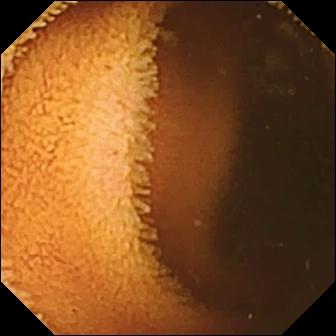WCE view (small intestine). Normal clean mucosa.